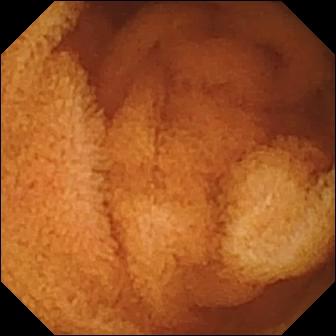This capsule endoscopy still of the small bowel shows normal clean mucosa.